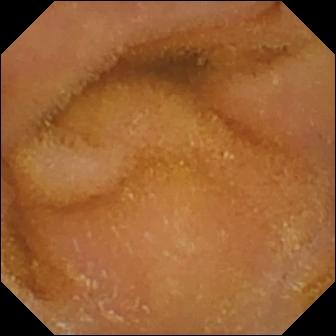VCE view, small bowel
Label: normal clean mucosa